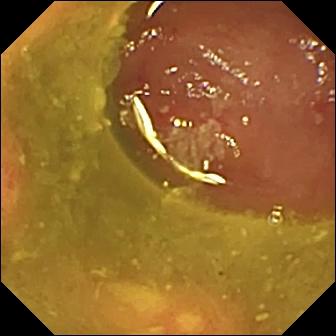Video capsule endoscopy frame showing ulcer.